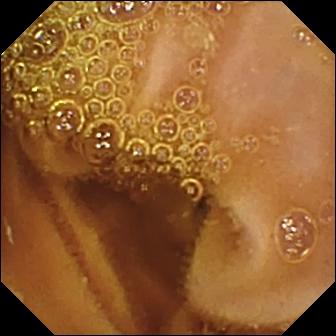Video capsule endoscopy image. Normal clean mucosa.